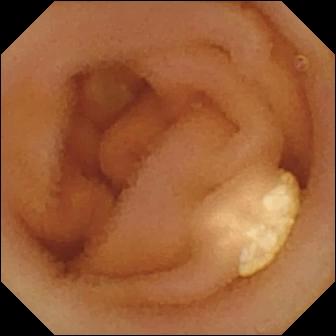Capsule endoscopy — lymphangiectasia.